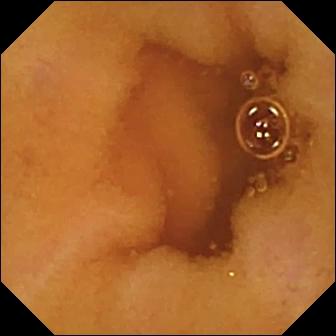{"modality": "capsule endoscopy", "finding": "normal clean mucosa"}